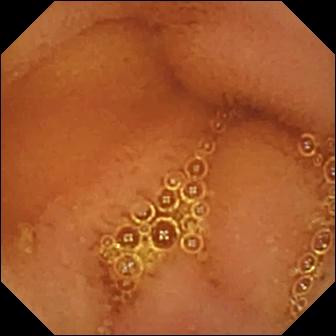Normal clean mucosa — capsule endoscopy image.